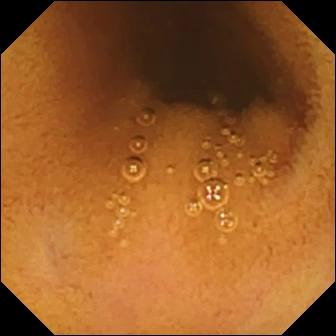{"modality": "video capsule endoscopy", "finding": "normal clean mucosa"}